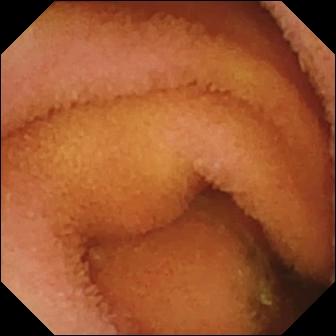Small-bowel capsule endoscopy snapshot of the small bowel showing normal clean mucosa.